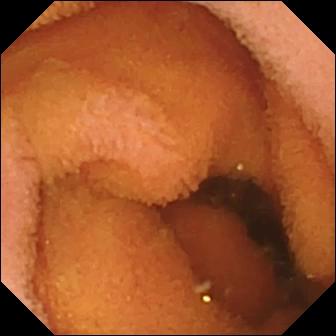Capsule endoscopy. Small bowel. Impression: normal clean mucosa.